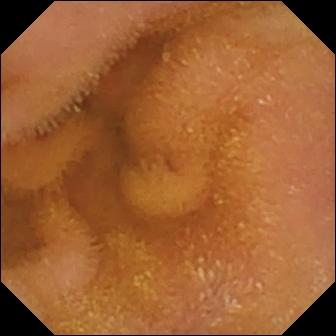Wireless capsule endoscopy image, small intestine
Finding: normal clean mucosa